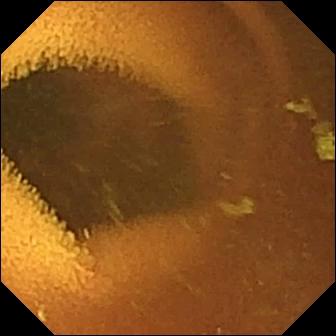This video capsule endoscopy image of the small intestine shows normal clean mucosa.